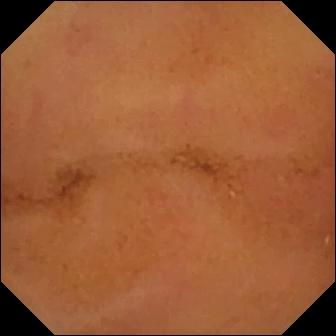Video capsule endoscopy — normal clean mucosa.